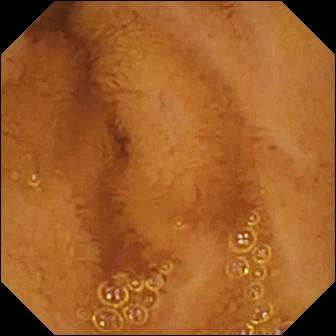Capsule endoscopy. Small intestine. Observation: normal clean mucosa.